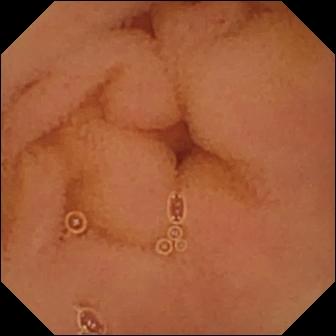Q: What does this wireless capsule endoscopy frame show?
A: Normal clean mucosa.